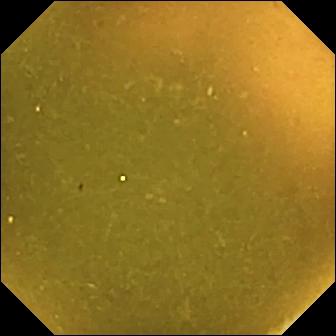This wireless capsule endoscopy frame was taken in the ileo-cecal valve region (the transition from the small bowel to the large bowel).